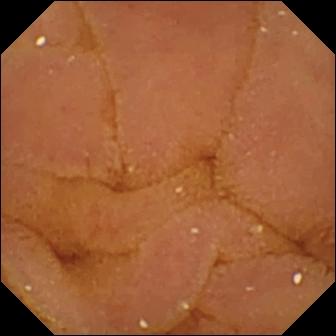Small-bowel capsule endoscopy image
Impression: normal clean mucosa